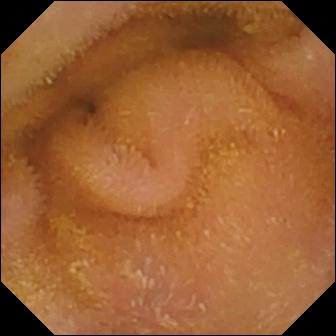PROCEDURE: Small-bowel capsule endoscopy.
SEGMENT: Small intestine.
FINDINGS: Normal clean mucosa.